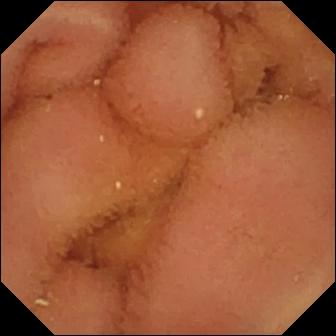This wireless capsule endoscopy snapshot of the small intestine shows normal clean mucosa.